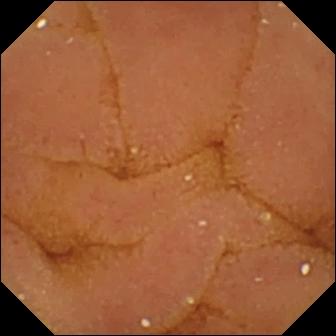Small-bowel capsule endoscopy frame showing normal clean mucosa.